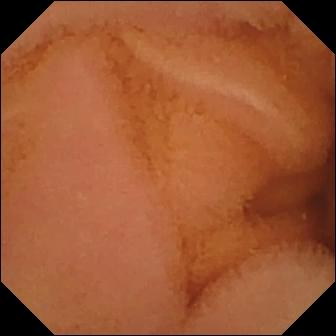Q: What does this VCE frame of the small intestine show?
A: Normal clean mucosa.